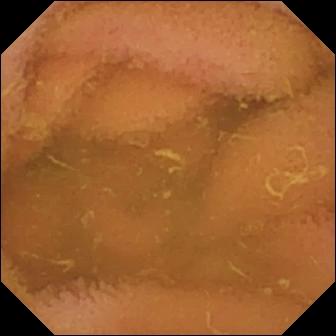- modality: WCE
- impression: normal clean mucosa